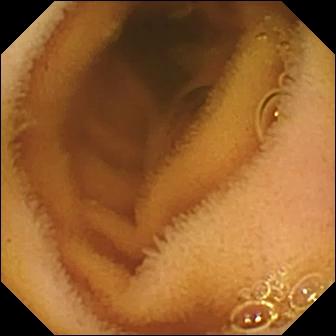Wireless capsule endoscopy image (small bowel), 336×336. Normal clean mucosa.